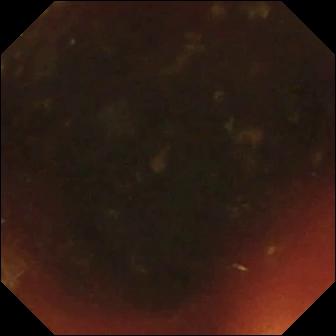VCE frame. Taken in the ileo-cecal valve region (the transition from the small bowel to the large bowel).